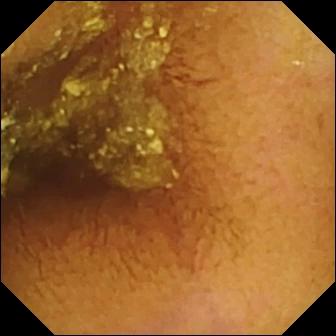This small-bowel capsule endoscopy still shows normal clean mucosa.